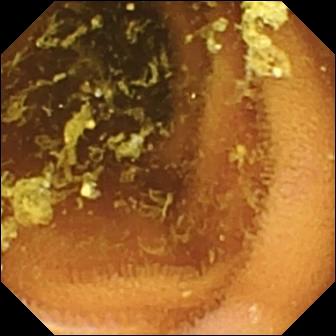Normal clean mucosa — VCE snapshot.